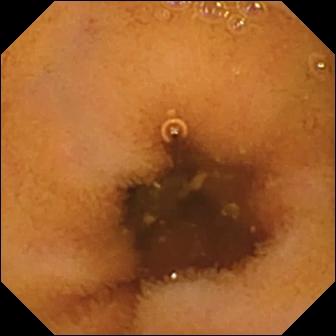PROCEDURE: Wireless capsule endoscopy.
SEGMENT: Small intestine.
FINDINGS: Normal clean mucosa.